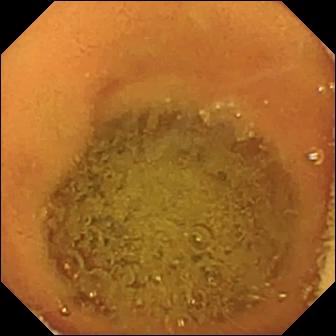PROCEDURE: VCE.
FINDINGS: Normal clean mucosa.